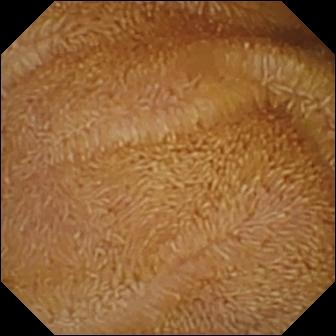Normal clean mucosa — capsule endoscopy frame of the small bowel.